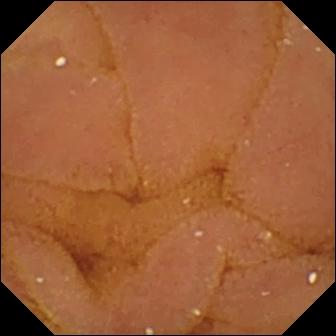Capsule endoscopy still, small intestine
Finding: normal clean mucosa